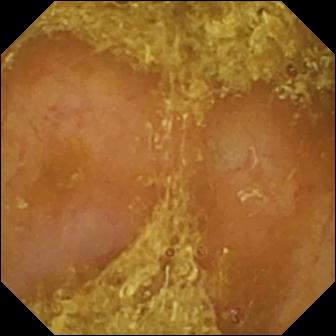Small-bowel capsule endoscopy image, small bowel
Impression: reduced mucosal view (content or bubbles obscuring the mucosa)